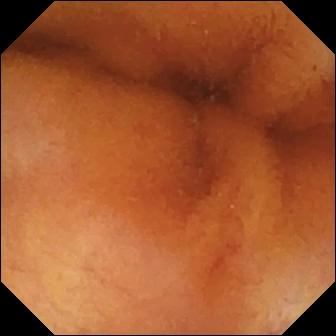Small-bowel capsule endoscopy image. Normal clean mucosa.